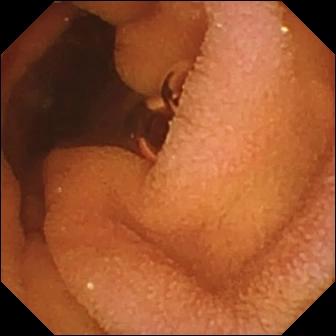WCE. Luminal finding. Label: normal clean mucosa.